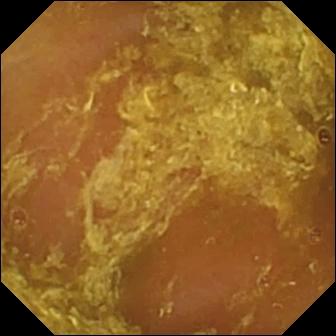- modality: video capsule endoscopy
- segment: small intestine
- label: reduced mucosal view (content or bubbles obscuring the mucosa)